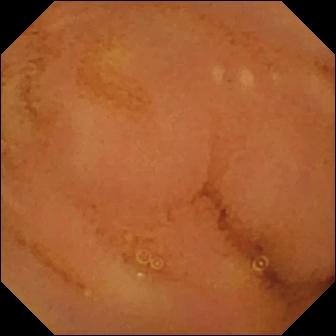{"modality": "video capsule endoscopy", "segment": "small intestine", "finding": "normal clean mucosa"}